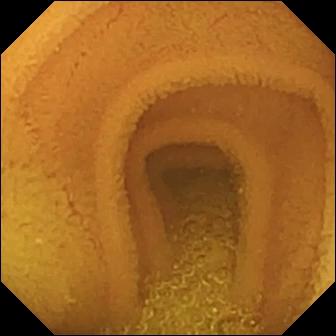Q: What does this video capsule endoscopy view show?
A: Normal clean mucosa.